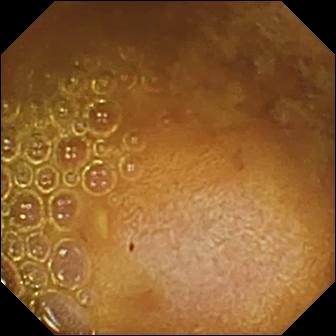{"modality": "capsule endoscopy", "segment": "small intestine", "category": "luminal finding", "finding": "reduced mucosal view (content or bubbles obscuring the mucosa)"}